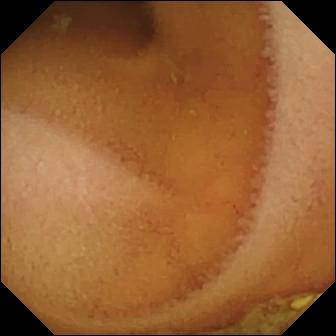modality: video capsule endoscopy; observation: normal clean mucosa